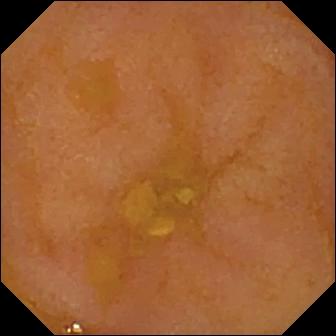Capsule endoscopy — reduced mucosal view (content or bubbles obscuring the mucosa).